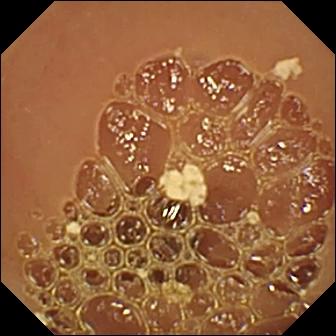WCE still. Normal clean mucosa.